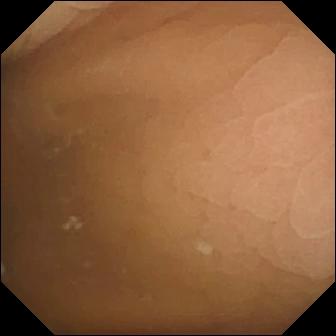VCE still
Label: pylorus region (the junction between the stomach and the small bowel)